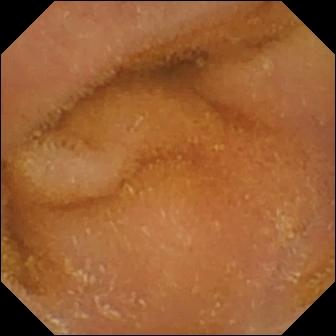modality: WCE | impression: normal clean mucosa